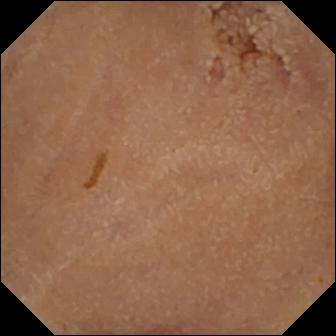PROCEDURE: WCE.
SEGMENT: Small intestine.
FINDINGS: Normal clean mucosa.